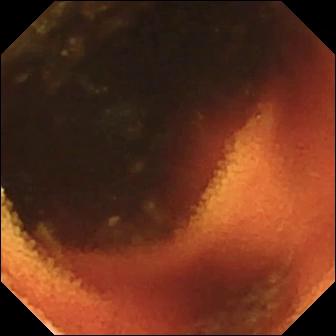Wireless capsule endoscopy still
Position: ileo-cecal valve region (the transition from the small bowel to the large bowel)